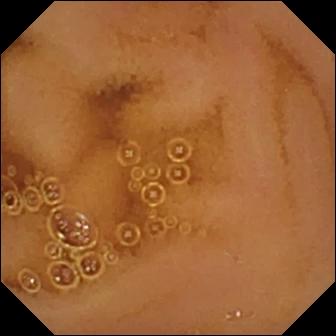{"modality": "video capsule endoscopy", "segment": "small bowel", "finding": "normal clean mucosa"}